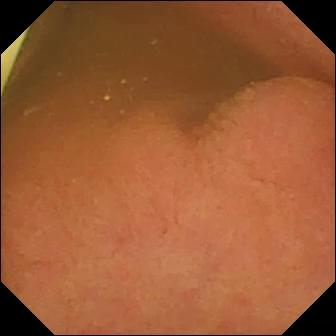modality: VCE
impression: foreign body (e.g. retained capsule, tablet residue)